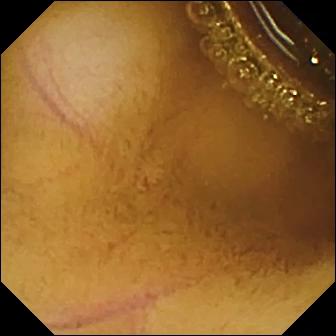- modality: capsule endoscopy
- segment: small intestine
- category: luminal finding
- label: normal clean mucosa